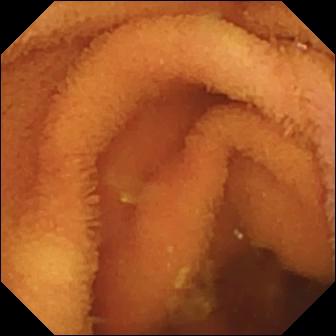Capsule endoscopy still. Normal clean mucosa.